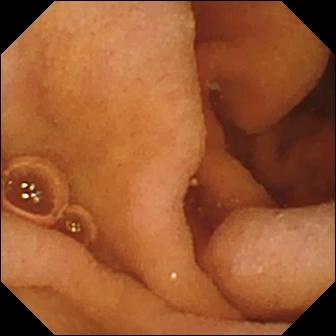WCE — pylorus region.